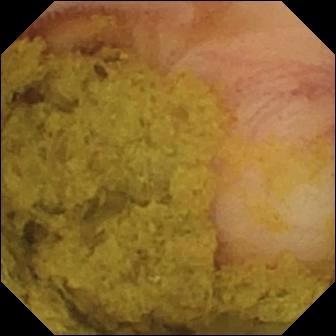Capsule endoscopy view taken in the ileo-cecal valve region (where the capsule passes from the small bowel into the large bowel).